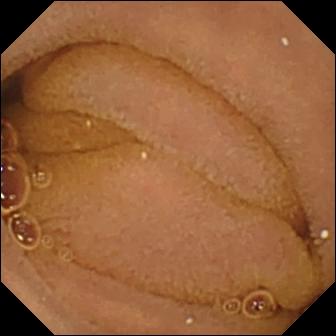modality: VCE; segment: small intestine; label: normal clean mucosa